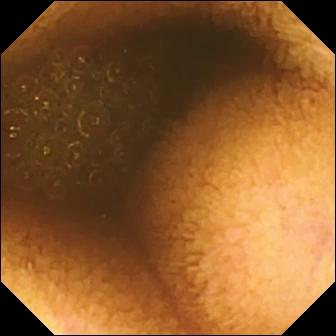This wireless capsule endoscopy view shows reduced mucosal view (content or bubbles obscuring the mucosa).